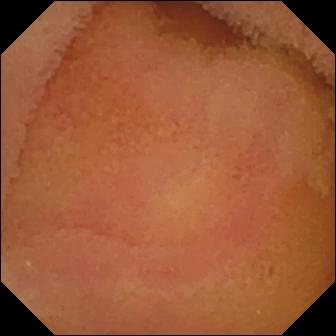Q: What does this capsule endoscopy snapshot of the small bowel show?
A: Normal clean mucosa.